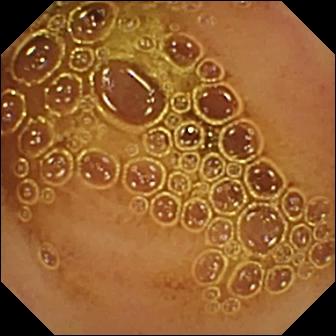Q: What does this video capsule endoscopy still of the small intestine show?
A: Normal clean mucosa.